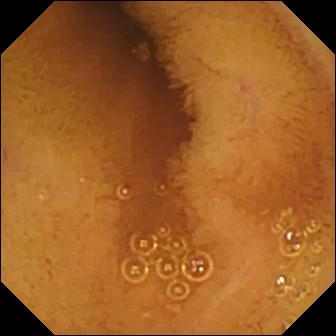VCE still, small intestine
Label: normal clean mucosa